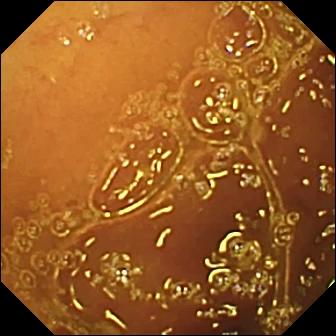Normal clean mucosa.